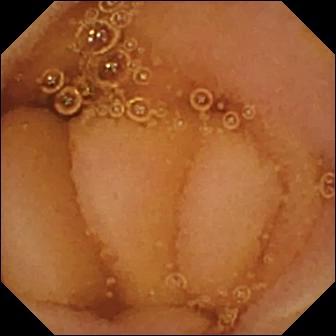Wireless capsule endoscopy image
Impression: normal clean mucosa